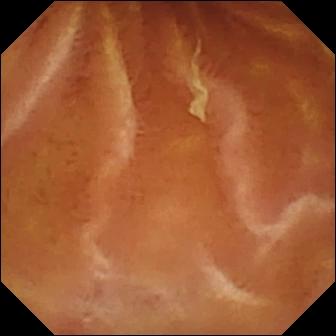Q: What does this capsule endoscopy frame of the small intestine show?
A: Normal clean mucosa.